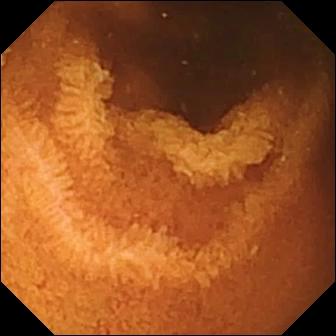Normal clean mucosa — VCE image.